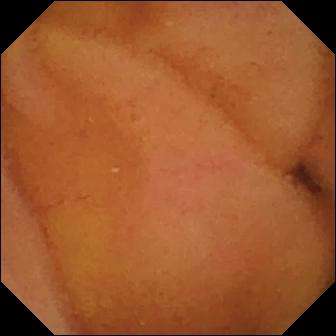WCE. Luminal finding. Observation: normal clean mucosa.